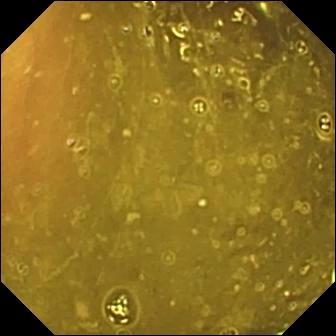PROCEDURE: WCE.
VIDEO SEGMENT: Ileo-cecal valve region.